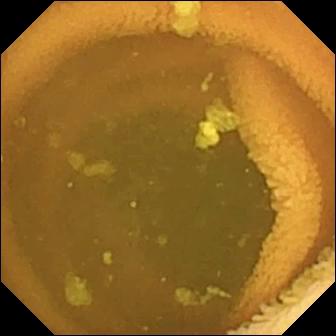Normal clean mucosa (336×336).